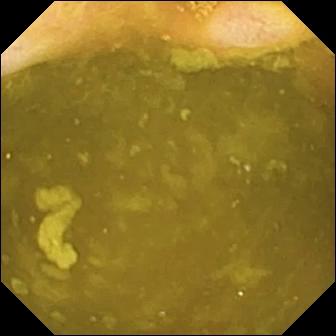Wireless capsule endoscopy. Near an anatomical landmark. Video segment: ileo-cecal valve region (where the capsule passes from the small bowel into the large bowel).